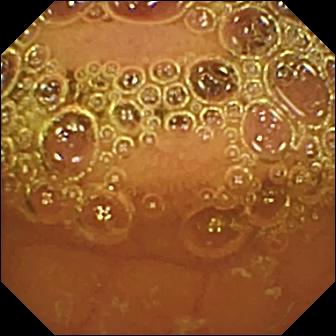Normal clean mucosa — video capsule endoscopy snapshot.